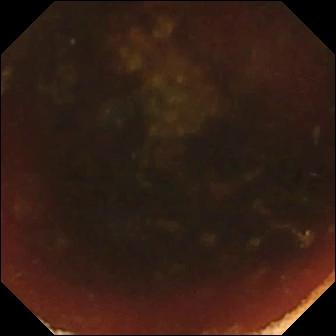Ileo-cecal valve region — WCE image.